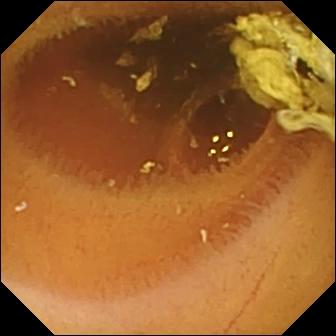Video capsule endoscopy view (small intestine). Normal clean mucosa.